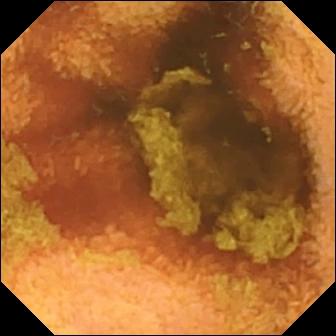Q: What does this video capsule endoscopy image of the small intestine show?
A: Normal clean mucosa.